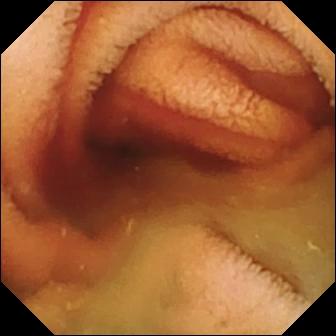PROCEDURE: Wireless capsule endoscopy.
FINDINGS: Fresh blood in the lumen.